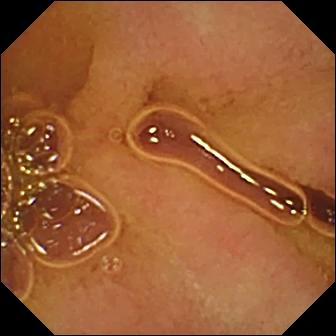Normal clean mucosa — capsule endoscopy image of the small bowel.